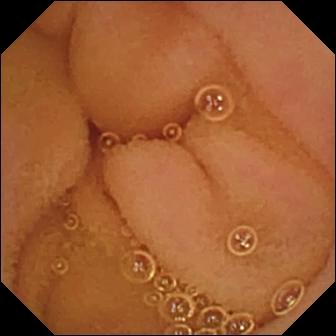Q: What does this video capsule endoscopy view of the small bowel show?
A: Normal clean mucosa.